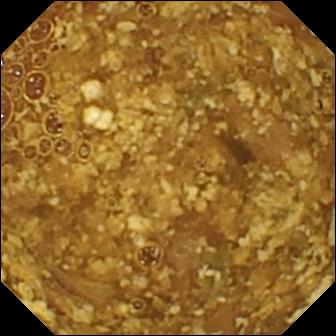This video capsule endoscopy still shows reduced mucosal view (content or bubbles obscuring the mucosa).